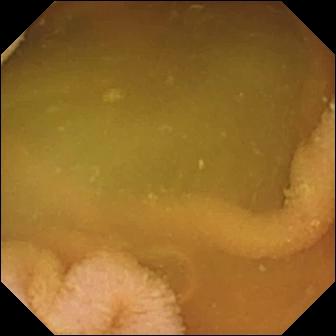Video capsule endoscopy still of the small bowel showing normal clean mucosa.